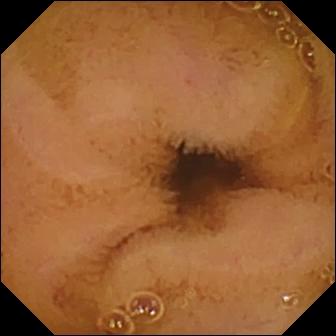Normal clean mucosa — VCE frame of the small intestine.